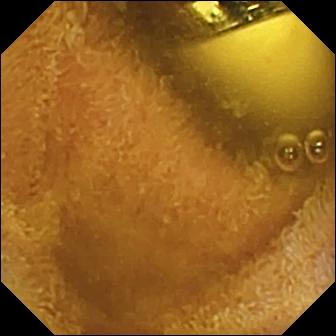Wireless capsule endoscopy. Impression: foreign body (e.g. retained capsule, tablet residue).